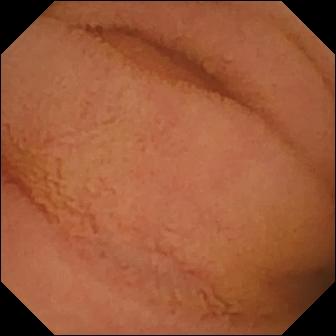Normal clean mucosa.